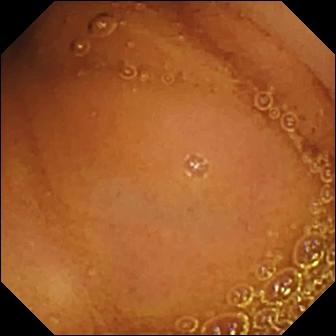WCE — normal clean mucosa.